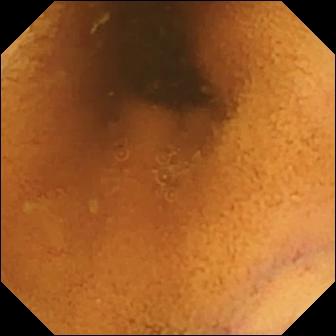PROCEDURE: Video capsule endoscopy.
FINDINGS: Normal clean mucosa.